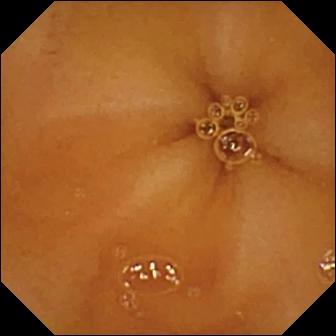Normal clean mucosa.